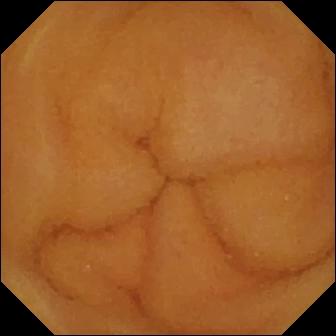WCE still of the small bowel showing normal clean mucosa.